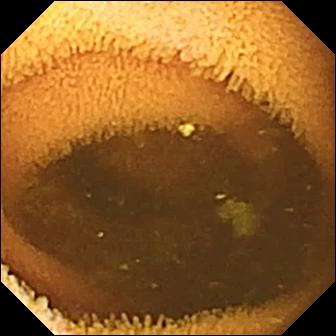Normal clean mucosa — small-bowel capsule endoscopy image of the small intestine.